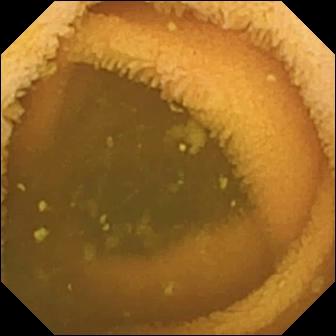VCE. Luminal finding. Label: normal clean mucosa.